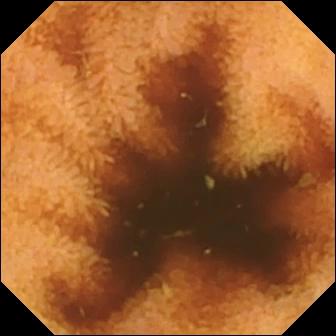{"modality": "VCE", "finding": "normal clean mucosa"}